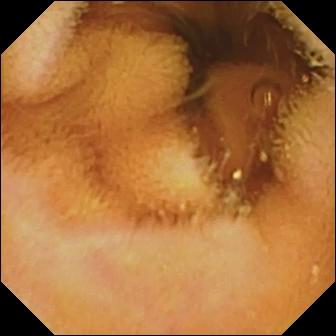This VCE view shows normal clean mucosa.